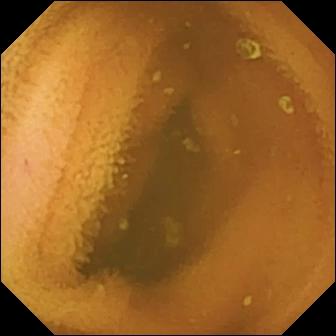WCE. Small bowel. Luminal finding. Observation: normal clean mucosa.